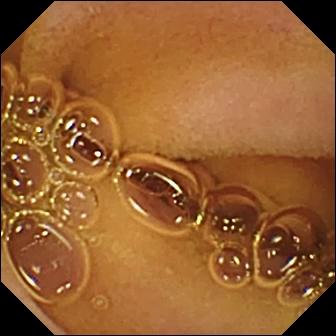modality: capsule endoscopy
segment: small intestine
observation: normal clean mucosa